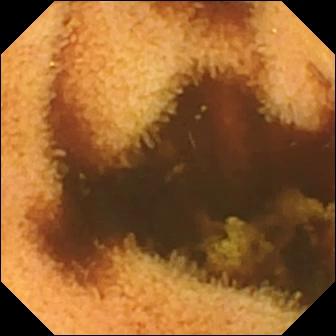{"modality": "WCE", "finding": "normal clean mucosa"}